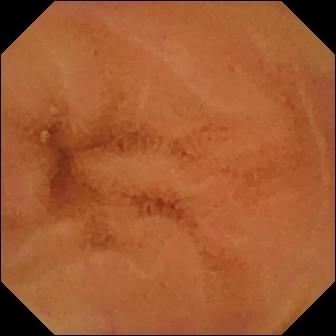- modality: WCE
- segment: small bowel
- observation: normal clean mucosa